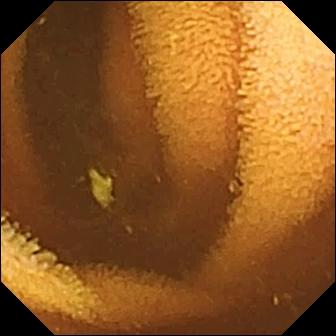Capsule endoscopy frame. Normal clean mucosa.